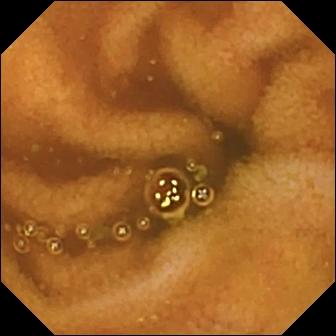modality: video capsule endoscopy
impression: normal clean mucosa